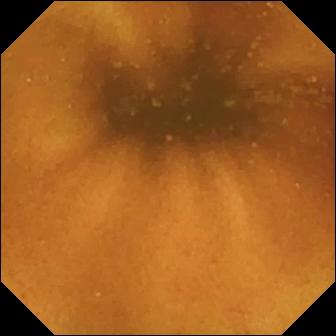This VCE snapshot of the small bowel shows normal clean mucosa.